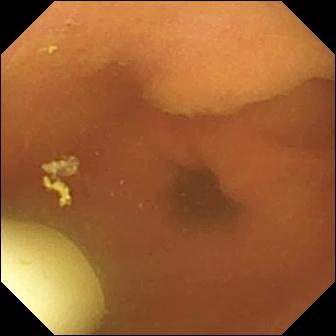WCE. Finding: foreign body (e.g. retained capsule, tablet residue).